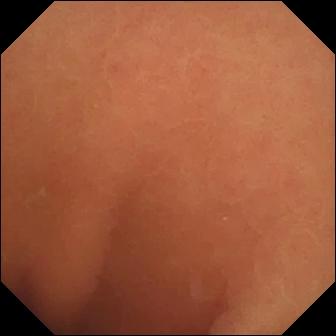Q: What does this video capsule endoscopy still show?
A: Normal clean mucosa.